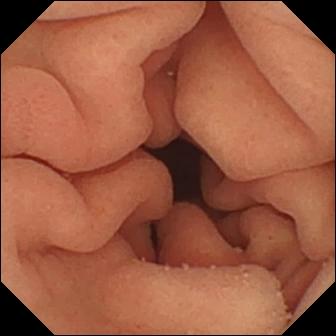modality: wireless capsule endoscopy; label: pylorus region (the junction between the stomach and the small bowel)